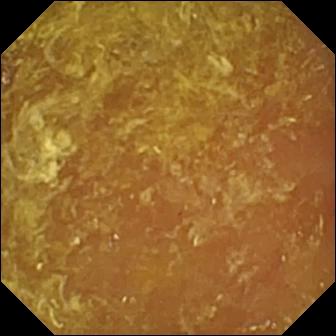WCE image showing reduced mucosal view (content or bubbles obscuring the mucosa).